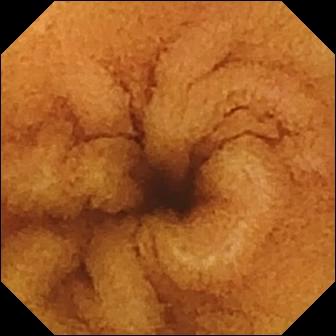- modality: video capsule endoscopy
- finding: normal clean mucosa